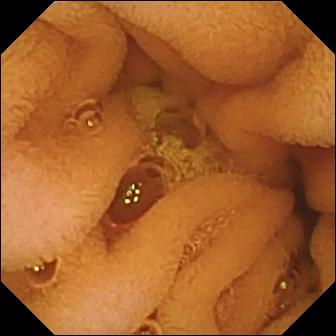Small-bowel capsule endoscopy — normal clean mucosa.